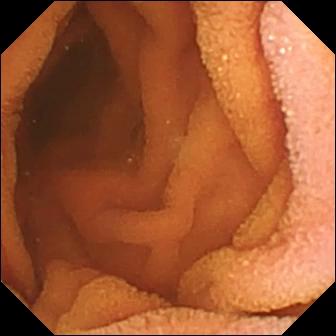modality: capsule endoscopy | label: normal clean mucosa